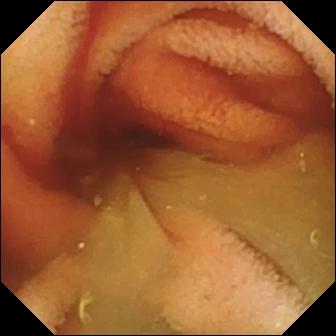This small-bowel capsule endoscopy view shows fresh blood in the lumen.